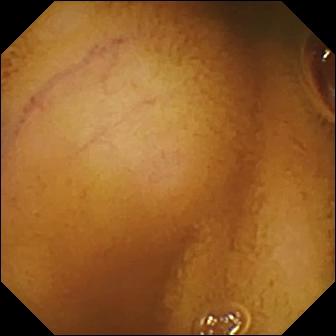Normal clean mucosa.